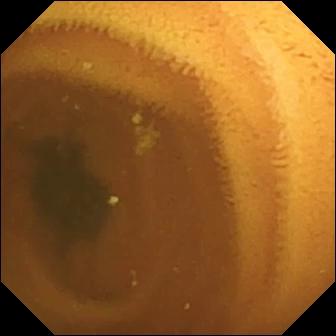Normal clean mucosa — video capsule endoscopy snapshot of the small bowel.